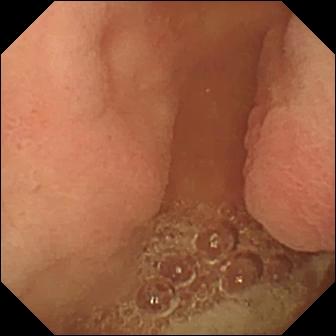{"modality": "wireless capsule endoscopy", "video_segment": "pylorus region"}